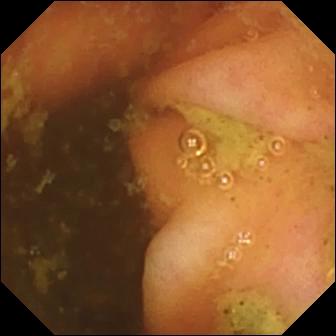Q: Where in the digestive tract was this VCE view taken?
A: Ileo-cecal valve region.